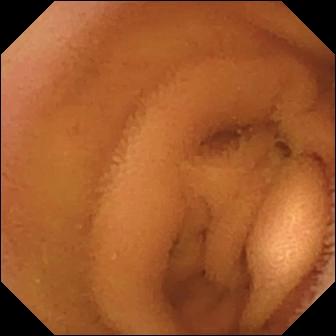Q: What does this small-bowel capsule endoscopy view of the small intestine show?
A: Normal clean mucosa.